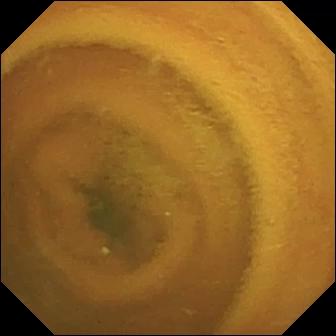Normal clean mucosa — capsule endoscopy image of the small bowel.